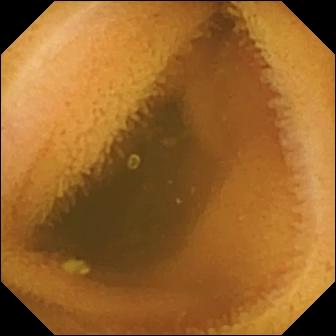Capsule endoscopy. Small bowel. Observation: normal clean mucosa.